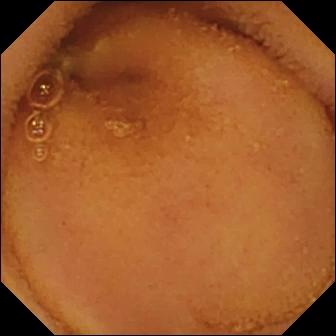This WCE image shows normal clean mucosa.